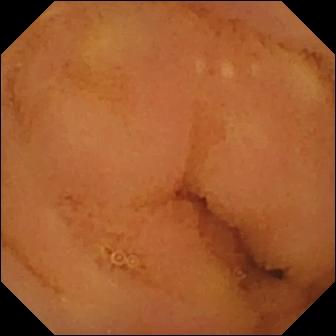Normal clean mucosa — VCE snapshot of the small bowel.